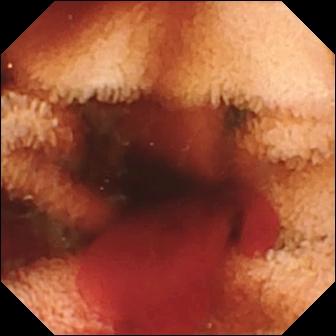Small-bowel capsule endoscopy still. Fresh blood in the lumen.